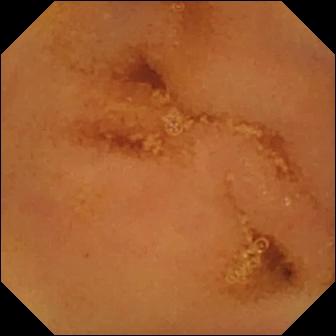Normal clean mucosa — wireless capsule endoscopy frame.